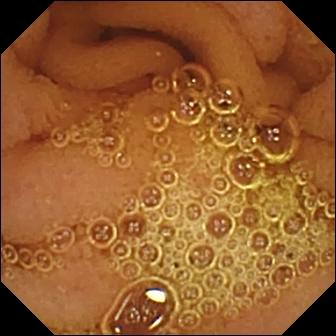Capsule endoscopy view
Impression: normal clean mucosa